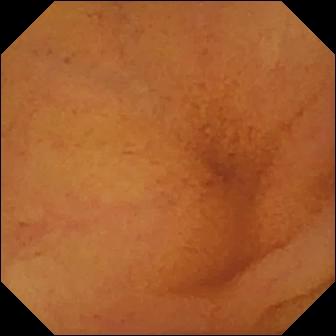WCE. Small bowel. Luminal finding. Label: normal clean mucosa.